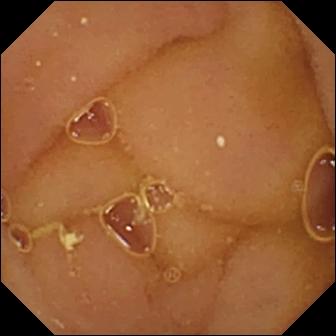Normal clean mucosa — small-bowel capsule endoscopy still.